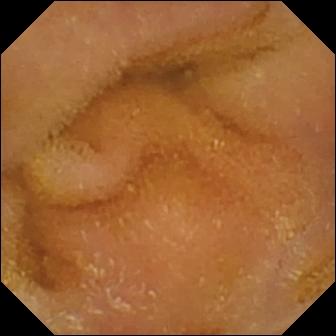Q: What does this video capsule endoscopy frame show?
A: Normal clean mucosa.